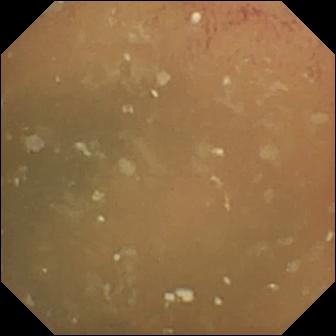{"modality": "WCE", "segment": "small intestine", "finding": "normal clean mucosa"}